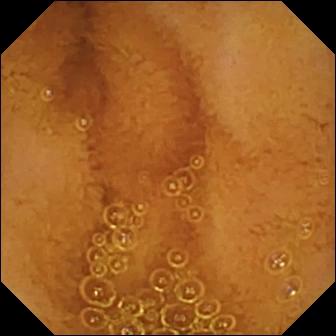VCE snapshot of the small bowel showing normal clean mucosa.